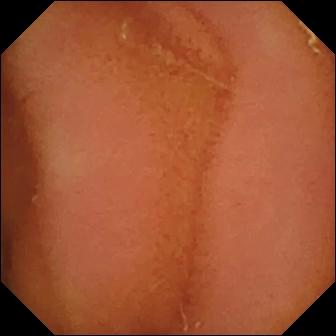Video capsule endoscopy snapshot of the small bowel showing normal clean mucosa.